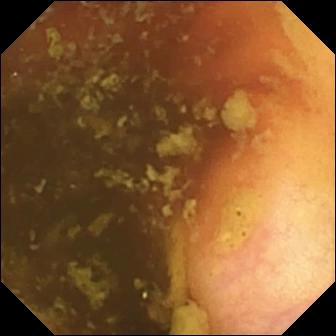Q: Where in the digestive tract was this capsule endoscopy still taken?
A: Ileo-cecal valve region.